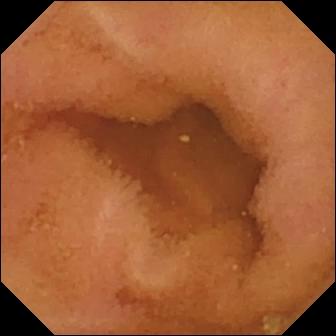VCE image
Observation: normal clean mucosa